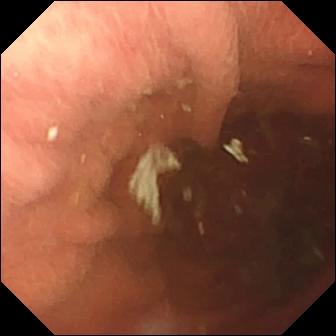PROCEDURE: WCE.
LABEL: Pylorus region (where the capsule passes from the stomach into the small bowel).